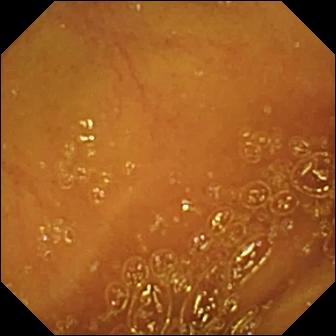{"modality": "capsule endoscopy", "finding": "normal clean mucosa"}